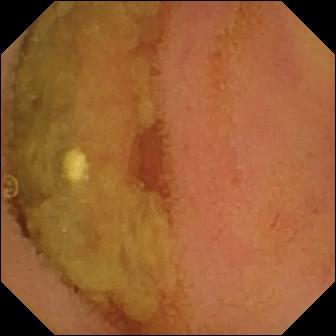PROCEDURE: WCE.
SEGMENT: Small intestine.
FINDINGS: Normal clean mucosa.